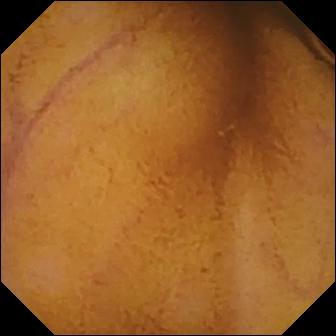Small-bowel capsule endoscopy — normal clean mucosa.